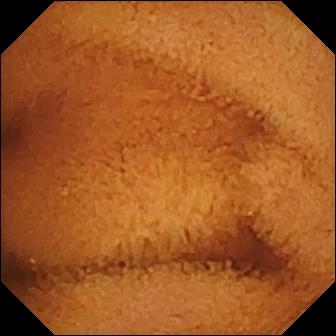This small-bowel capsule endoscopy image shows normal clean mucosa.